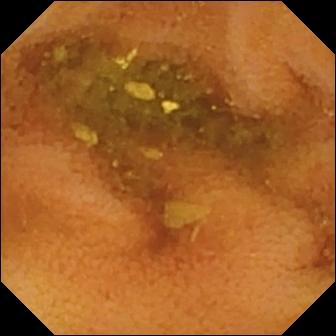Q: What does this capsule endoscopy view show?
A: Normal clean mucosa.